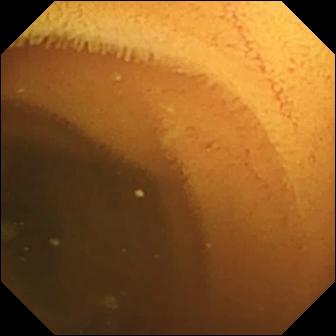Video capsule endoscopy — normal clean mucosa.